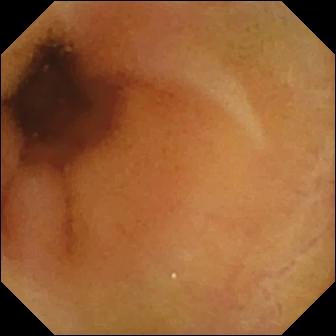- modality: wireless capsule endoscopy
- segment: small bowel
- label: normal clean mucosa